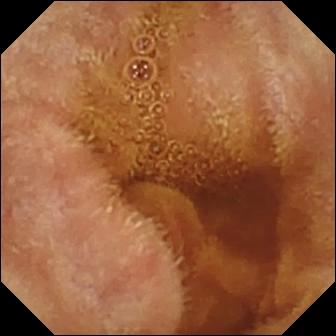Wireless capsule endoscopy image, 336×336. Normal clean mucosa.